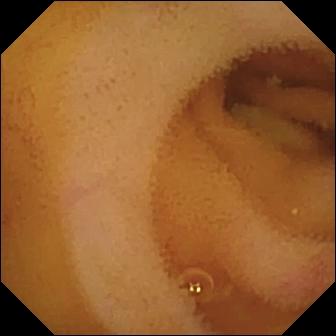WCE still showing angiectasia.